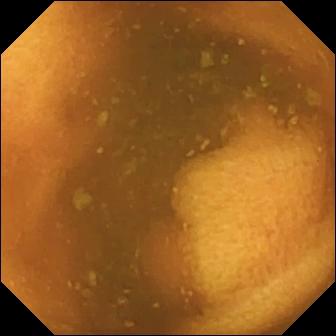PROCEDURE: WCE.
FINDINGS: Normal clean mucosa.